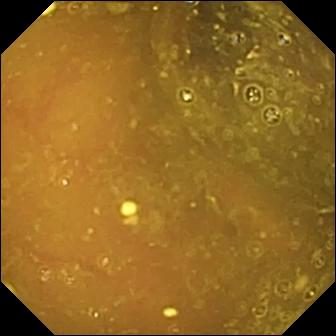Reduced mucosal view (content or bubbles obscuring the mucosa).